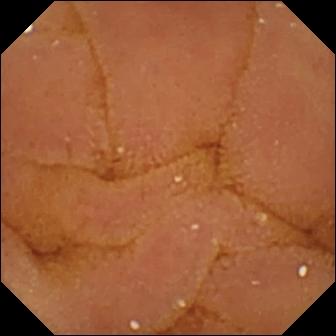VCE — normal clean mucosa.